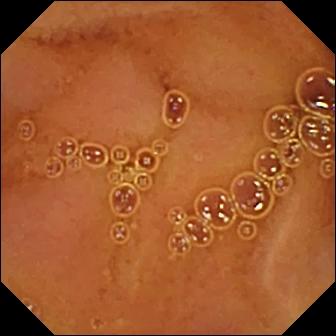- modality: VCE
- finding: normal clean mucosa